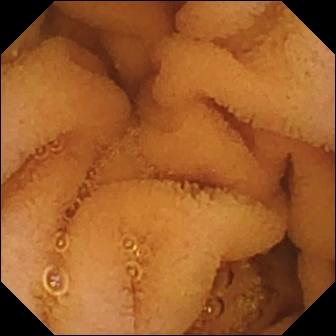PROCEDURE: VCE.
SEGMENT: Small intestine.
FINDINGS: Normal clean mucosa.